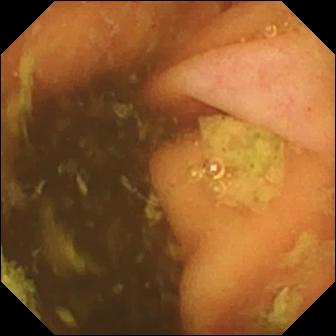This wireless capsule endoscopy snapshot was taken in the ileo-cecal valve region (where the capsule passes from the small bowel into the large bowel).